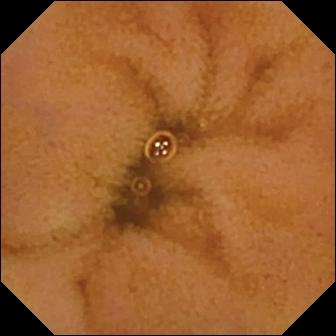VCE view
Finding: normal clean mucosa